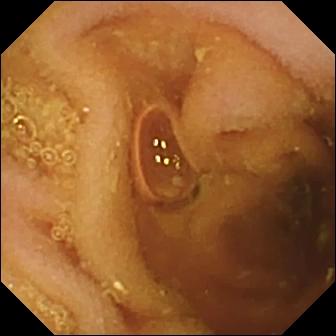WCE. Video segment: pylorus region (the junction between the stomach and the small bowel).